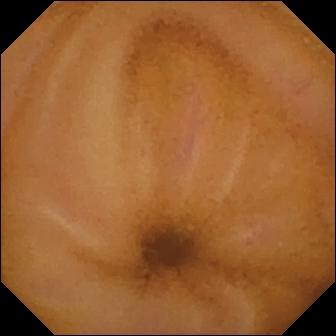{"modality": "wireless capsule endoscopy", "finding": "normal clean mucosa"}